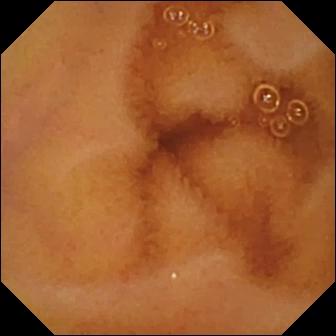{"modality": "video capsule endoscopy", "segment": "small bowel", "finding": "normal clean mucosa"}